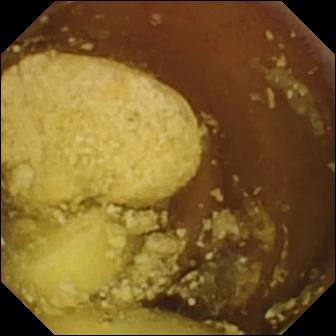{"modality": "VCE", "finding": "foreign body (e.g. retained capsule, tablet residue)"}